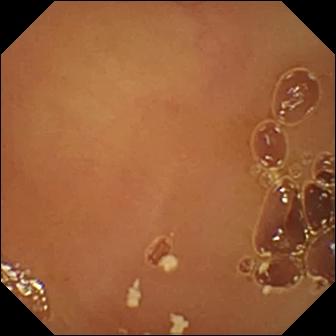- modality: capsule endoscopy
- impression: normal clean mucosa